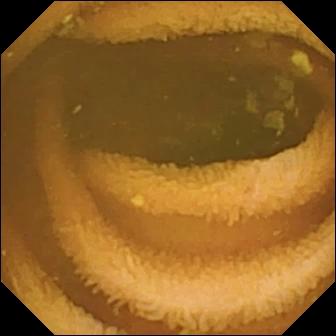Normal clean mucosa (336×336).